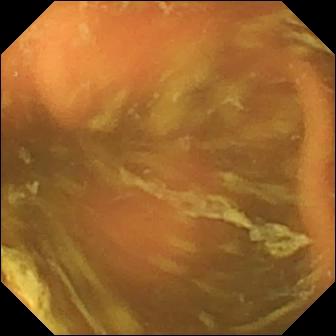Capsule endoscopy still. Taken in the ileo-cecal valve region.